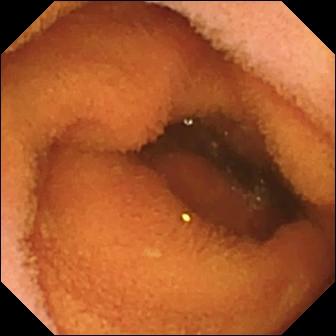WCE image of the small bowel showing normal clean mucosa.